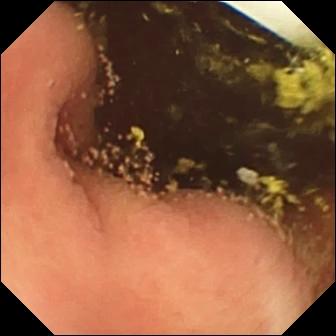Foreign body (e.g. retained capsule, tablet residue).